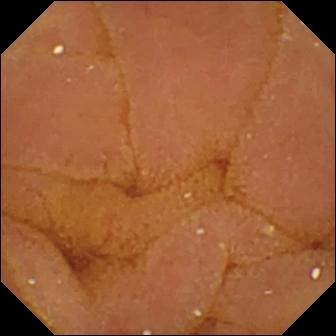Normal clean mucosa — wireless capsule endoscopy snapshot of the small intestine.